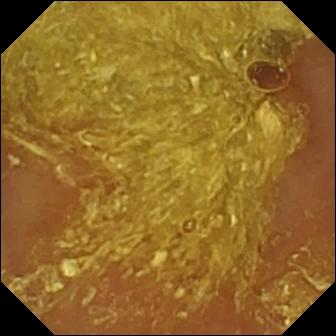Reduced mucosal view (content or bubbles obscuring the mucosa).